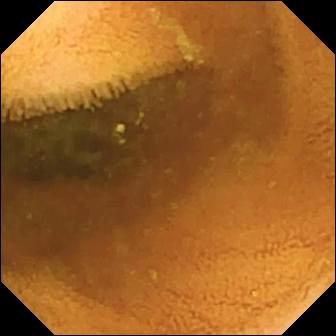VCE — normal clean mucosa.